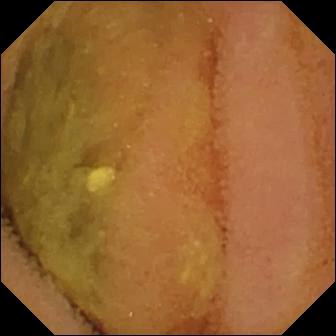{"modality": "wireless capsule endoscopy", "finding": "normal clean mucosa"}